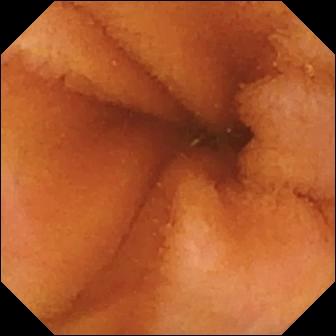Normal clean mucosa — capsule endoscopy frame.